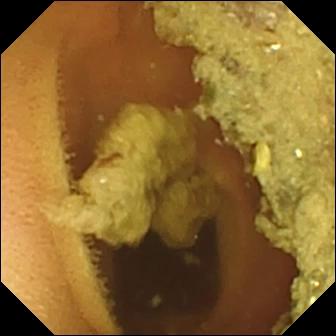Q: What does this capsule endoscopy still of the small intestine show?
A: Normal clean mucosa.